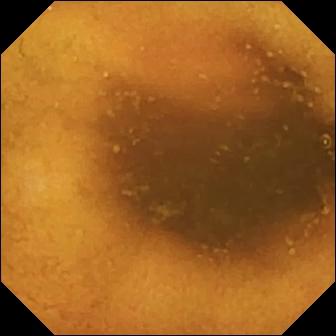{"modality": "capsule endoscopy", "finding": "normal clean mucosa"}